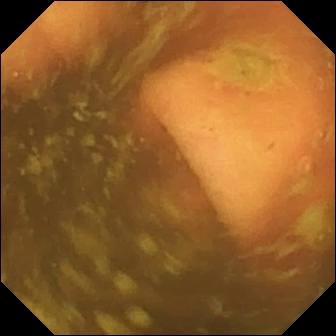PROCEDURE: Capsule endoscopy.
VIDEO SEGMENT: Ileo-cecal valve region (the transition from the small bowel to the large bowel).